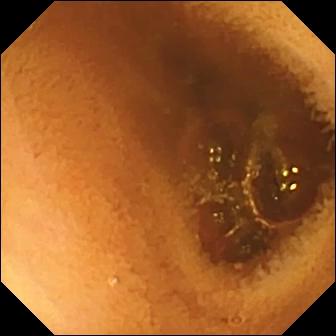Normal clean mucosa.